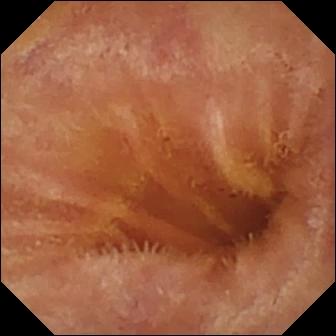modality: small-bowel capsule endoscopy | observation: normal clean mucosa